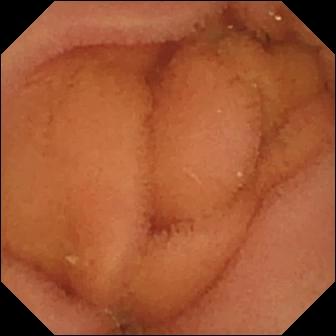VCE — normal clean mucosa.